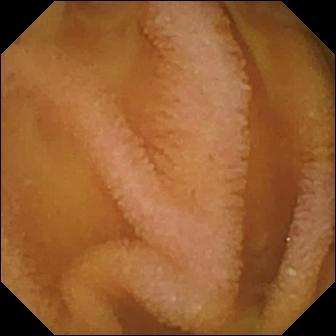Wireless capsule endoscopy view, small bowel
Label: normal clean mucosa